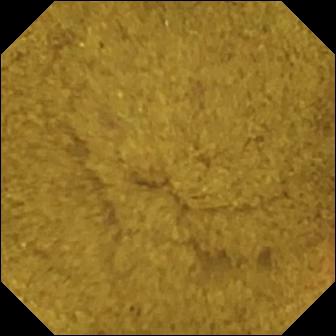Small-bowel capsule endoscopy image
Location: ileo-cecal valve region (where the capsule passes from the small bowel into the large bowel)